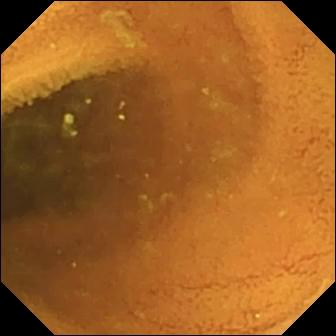PROCEDURE: Small-bowel capsule endoscopy.
SEGMENT: Small intestine.
FINDINGS: Normal clean mucosa.